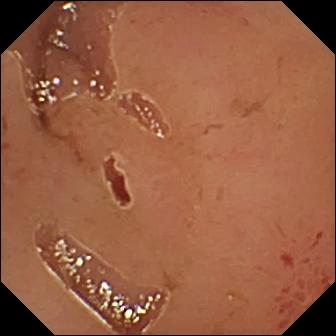Capsule endoscopy snapshot
Impression: erosion